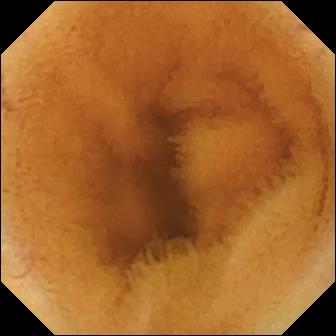VCE view
Finding: normal clean mucosa